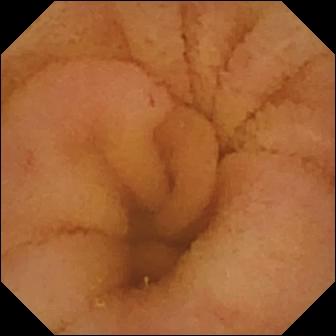modality: small-bowel capsule endoscopy; segment: small intestine; label: normal clean mucosa